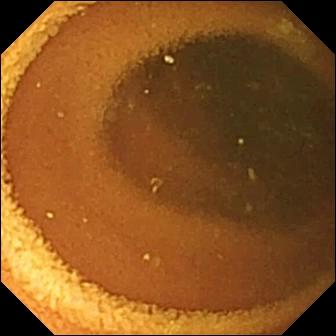Capsule endoscopy view, small bowel
Impression: normal clean mucosa